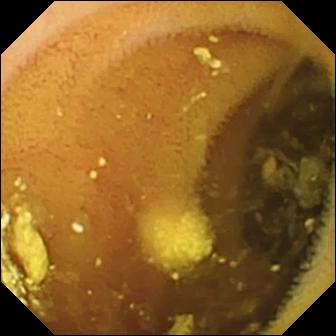Video capsule endoscopy frame
Observation: lymphangiectasia